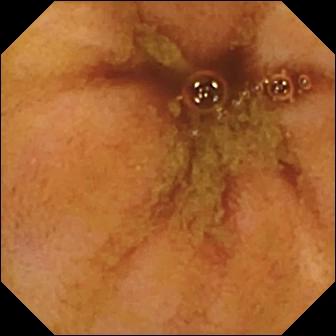VCE. Label: ileo-cecal valve region (the transition from the small bowel to the large bowel).